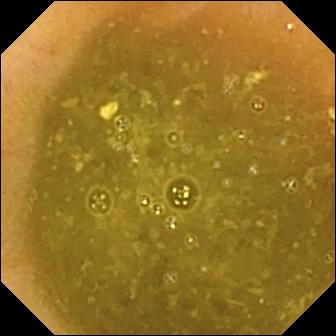PROCEDURE: WCE.
LOCATION: Ileo-cecal valve region (the transition from the small bowel to the large bowel).